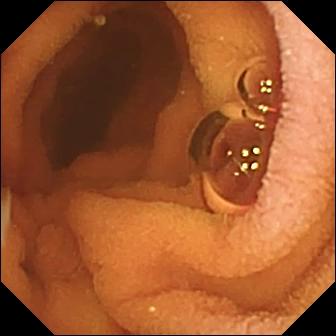Q: What does this video capsule endoscopy frame of the small intestine show?
A: Normal clean mucosa.